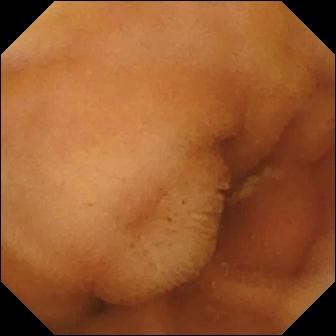Normal clean mucosa — WCE still of the small bowel.